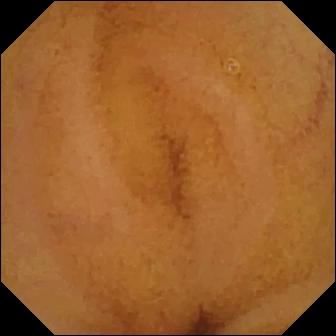{"modality": "small-bowel capsule endoscopy", "segment": "small bowel", "finding": "normal clean mucosa"}